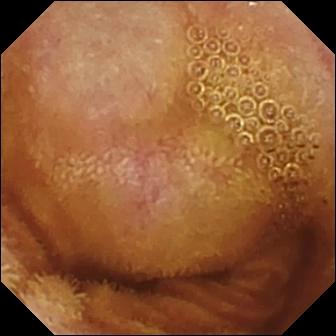Video capsule endoscopy frame
Impression: normal clean mucosa